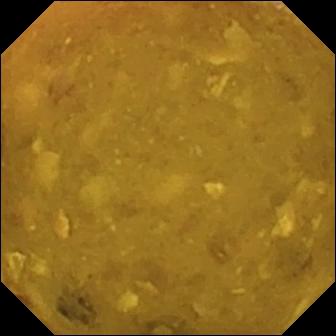Reduced mucosal view (content or bubbles obscuring the mucosa).